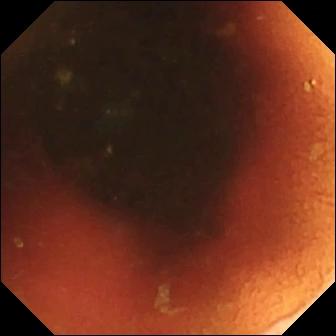Video capsule endoscopy. Location: ileo-cecal valve region (where the capsule passes from the small bowel into the large bowel).